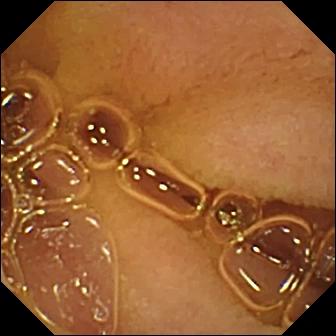Wireless capsule endoscopy. Small bowel. Label: normal clean mucosa.